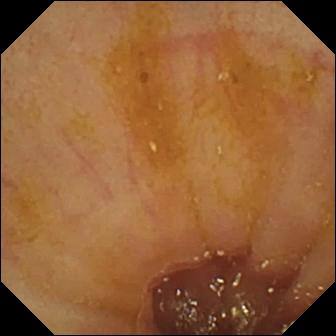Q: Where in the digestive tract was this VCE frame taken?
A: Ileo-cecal valve region (where the capsule passes from the small bowel into the large bowel).